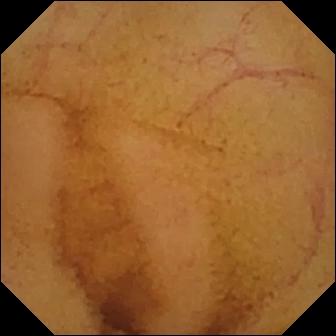Small-bowel capsule endoscopy still
Label: normal clean mucosa